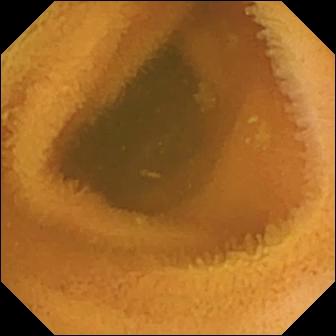Capsule endoscopy view (small bowel). Normal clean mucosa.